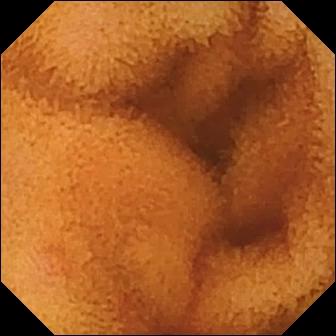PROCEDURE: Small-bowel capsule endoscopy.
SEGMENT: Small bowel.
FINDINGS: Normal clean mucosa.